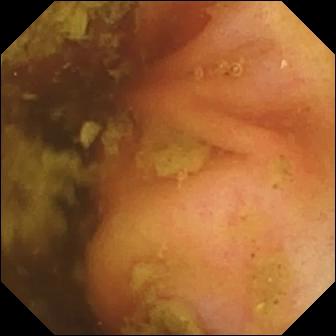PROCEDURE: Video capsule endoscopy.
VIDEO SEGMENT: Ileo-cecal valve region (the transition from the small bowel to the large bowel).